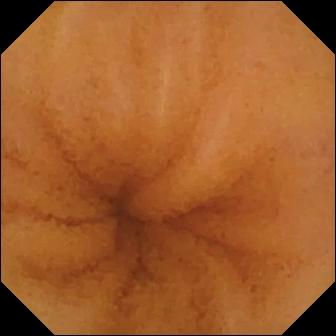{"modality": "wireless capsule endoscopy", "finding": "normal clean mucosa"}